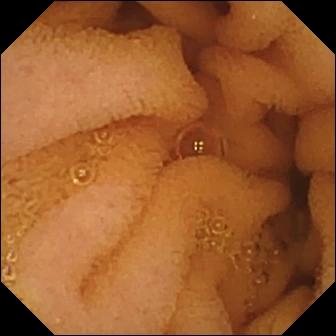Normal clean mucosa — capsule endoscopy still.